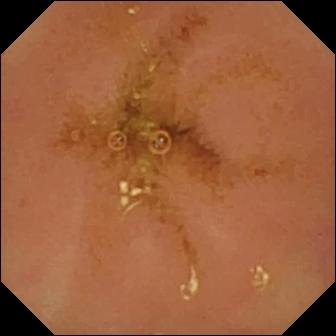WCE. Luminal finding. Observation: normal clean mucosa.